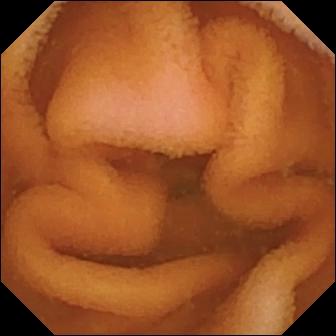{"modality": "capsule endoscopy", "segment": "small bowel", "finding": "normal clean mucosa"}